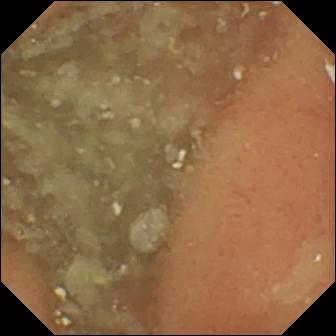Q: What does this wireless capsule endoscopy still show?
A: Normal clean mucosa.